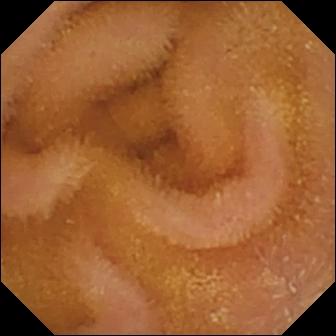WCE still. Normal clean mucosa.